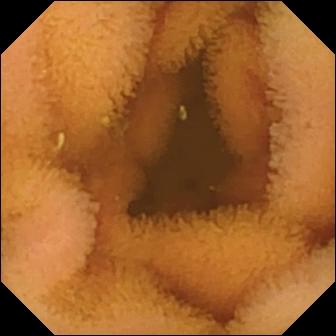PROCEDURE: Capsule endoscopy.
FINDINGS: Normal clean mucosa.